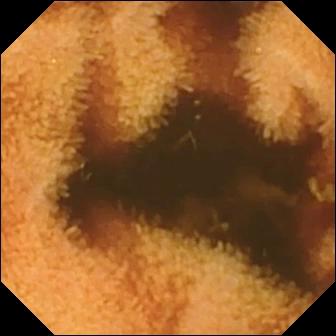{"modality": "small-bowel capsule endoscopy", "finding": "normal clean mucosa"}